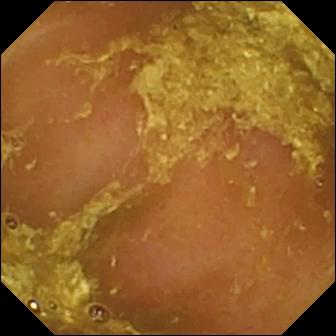Wireless capsule endoscopy. Small bowel. Luminal finding. Label: reduced mucosal view (content or bubbles obscuring the mucosa).